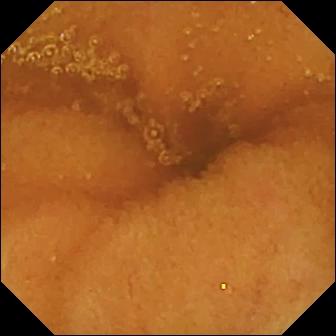modality: video capsule endoscopy; observation: normal clean mucosa